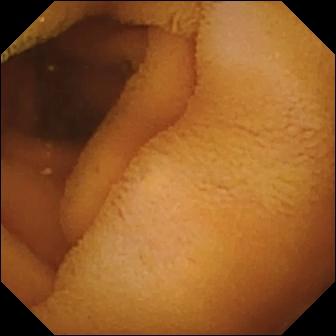This capsule endoscopy snapshot shows normal clean mucosa.